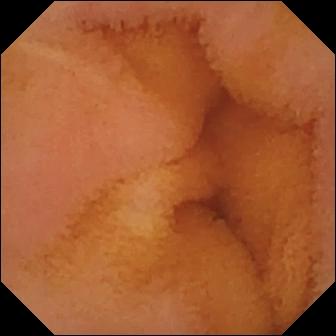PROCEDURE: Capsule endoscopy.
SEGMENT: Small intestine.
FINDINGS: Normal clean mucosa.